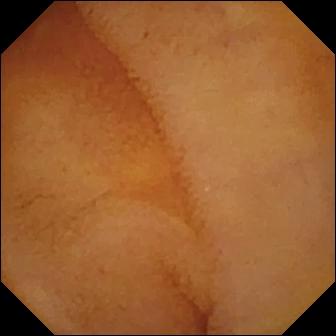WCE frame. Normal clean mucosa.